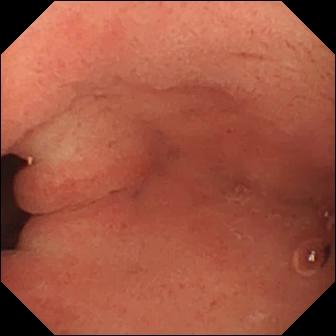{"modality": "capsule endoscopy", "category": "anatomical landmark", "position": "pylorus region (where the capsule passes from the stomach into the small bowel)"}